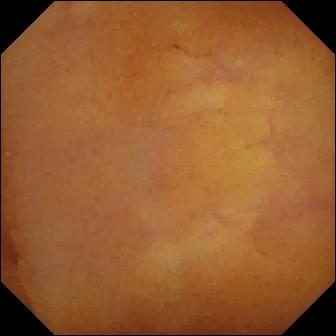- modality: WCE
- impression: normal clean mucosa